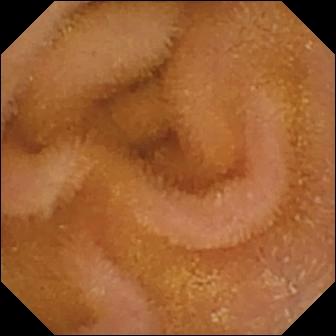Normal clean mucosa (336×336).